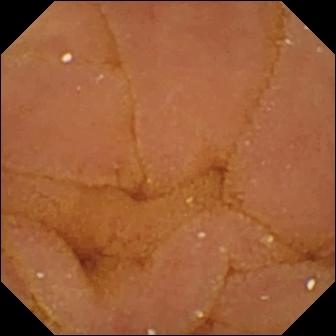Capsule endoscopy frame (small bowel). Normal clean mucosa.